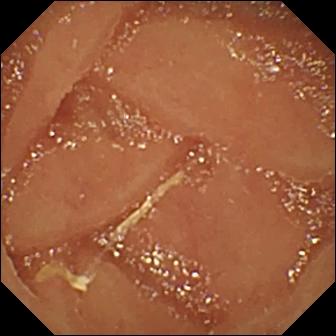Wireless capsule endoscopy view. Normal clean mucosa.